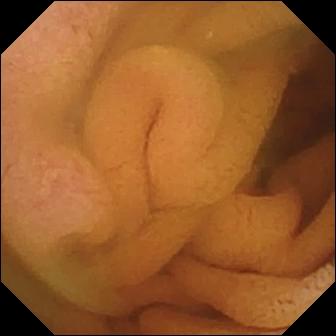Video capsule endoscopy snapshot, 336×336. Normal clean mucosa.